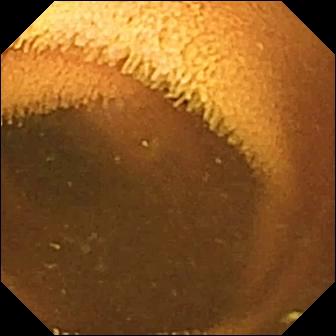Q: What does this small-bowel capsule endoscopy still of the small bowel show?
A: Normal clean mucosa.